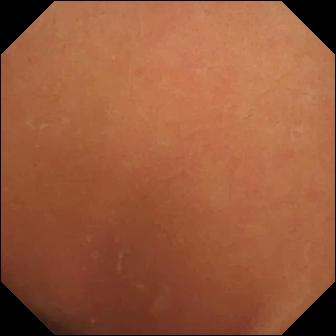VCE — normal clean mucosa.